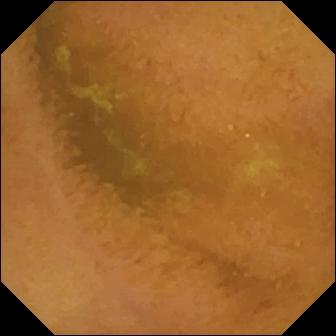This small-bowel capsule endoscopy view shows normal clean mucosa.